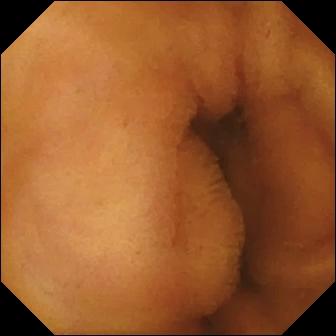Q: What does this video capsule endoscopy still of the small intestine show?
A: Normal clean mucosa.